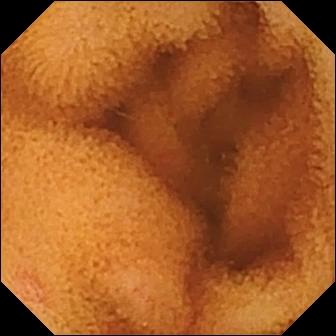VCE. Small bowel. Luminal finding. Label: normal clean mucosa.